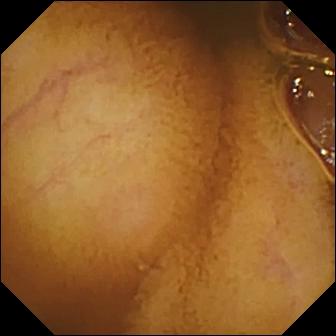Video capsule endoscopy image, small bowel
Observation: normal clean mucosa